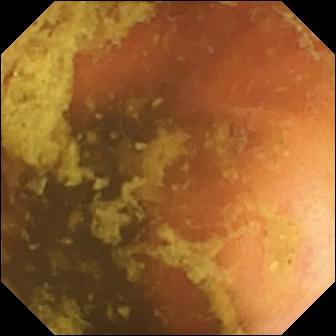Ileo-cecal valve region.